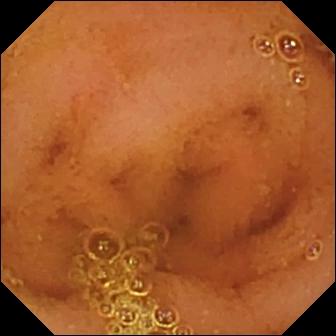{"modality": "VCE", "segment": "small bowel", "category": "luminal finding", "finding": "normal clean mucosa"}